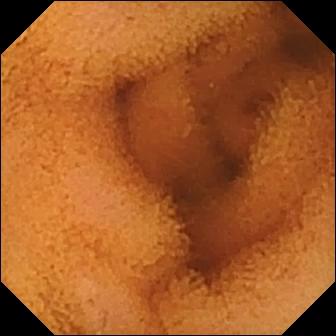{"modality": "WCE", "segment": "small intestine", "finding": "normal clean mucosa"}